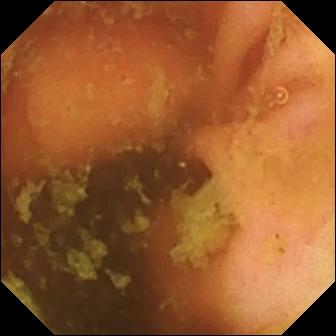{"modality": "capsule endoscopy", "label": "ileo-cecal valve region"}